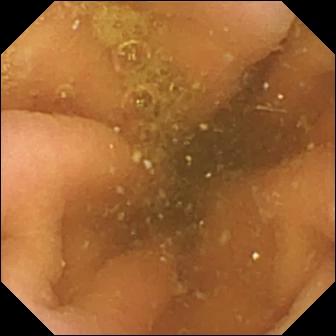Q: Where in the digestive tract was this wireless capsule endoscopy frame taken?
A: Pylorus region (where the capsule passes from the stomach into the small bowel).